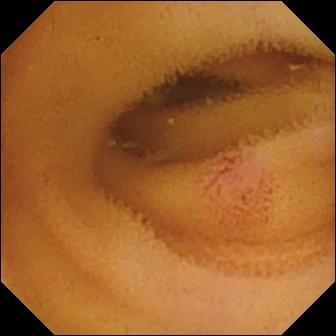PROCEDURE: Capsule endoscopy.
FINDINGS: Angiectasia.